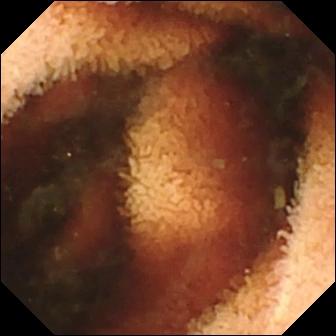{"modality": "video capsule endoscopy", "category": "luminal finding", "finding": "fresh blood in the lumen"}